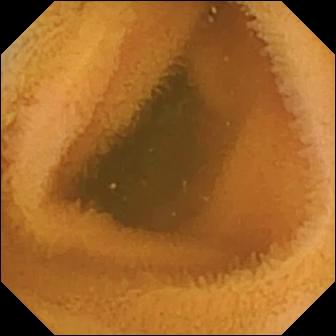- modality: WCE
- segment: small bowel
- finding: normal clean mucosa